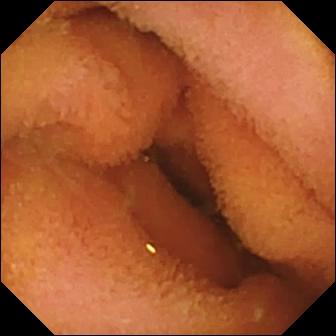- modality: WCE
- finding: normal clean mucosa